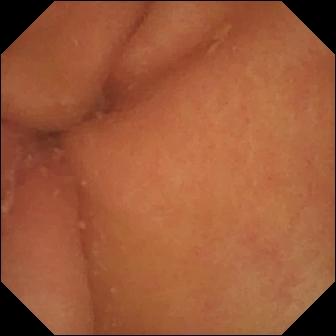WCE still
Video segment: pylorus region (where the capsule passes from the stomach into the small bowel)